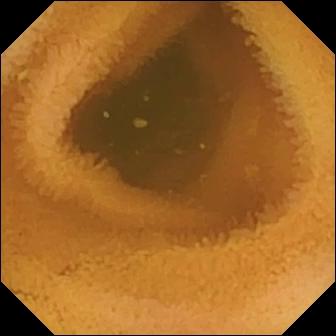Normal clean mucosa.